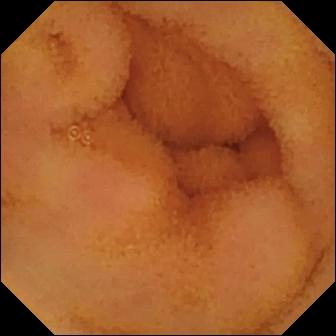Capsule endoscopy. Small bowel. Impression: normal clean mucosa.